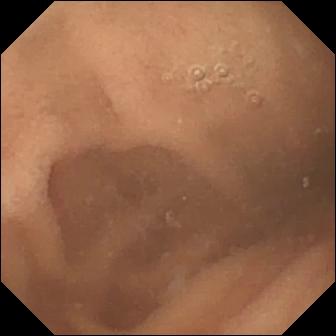{"modality": "wireless capsule endoscopy", "finding": "normal clean mucosa"}